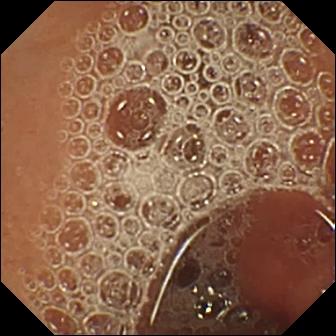Normal clean mucosa.